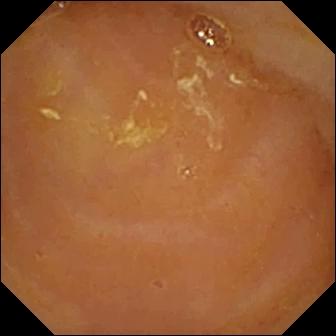Reduced mucosal view (content or bubbles obscuring the mucosa).